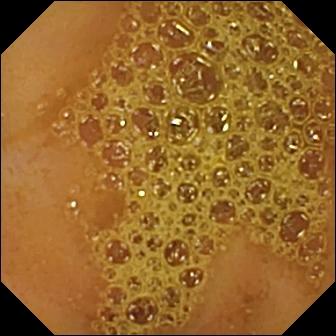{"modality": "VCE", "label": "ileo-cecal valve region (where the capsule passes from the small bowel into the large bowel)"}